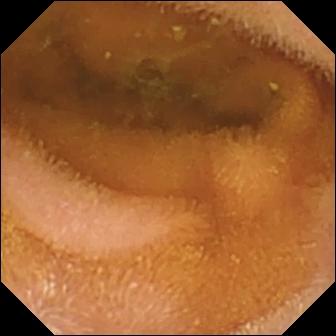Video capsule endoscopy — normal clean mucosa.